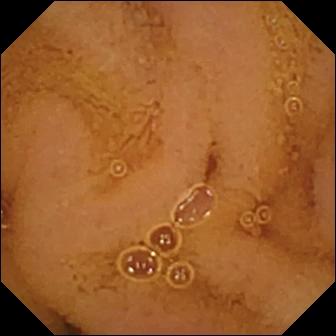Small-bowel capsule endoscopy still
Finding: normal clean mucosa